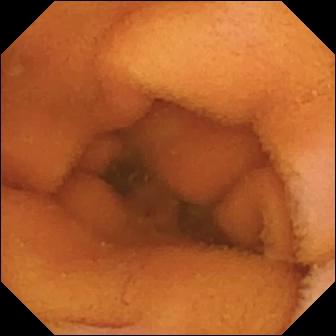Small-bowel capsule endoscopy — normal clean mucosa.